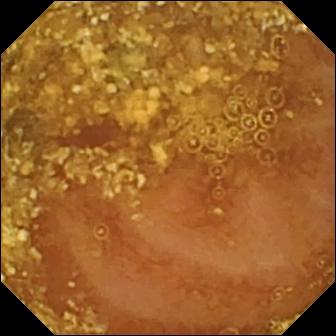WCE snapshot. Reduced mucosal view (content or bubbles obscuring the mucosa).